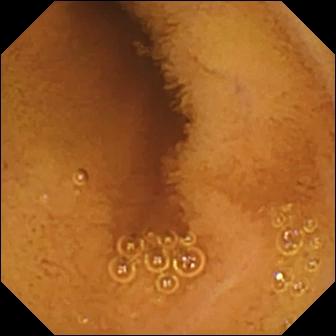Video capsule endoscopy — normal clean mucosa.